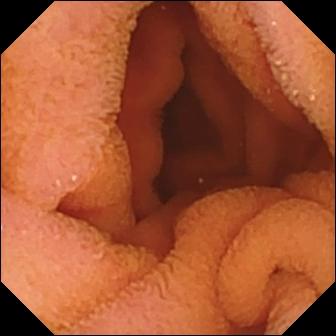WCE frame of the small bowel showing normal clean mucosa.